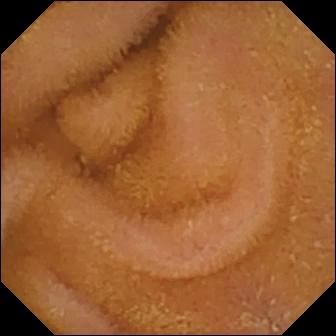VCE — normal clean mucosa.